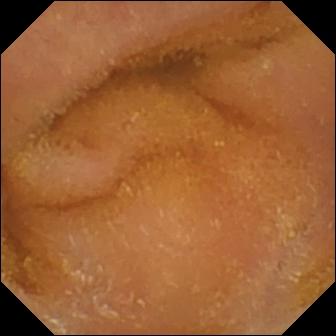PROCEDURE: Wireless capsule endoscopy.
FINDINGS: Normal clean mucosa.